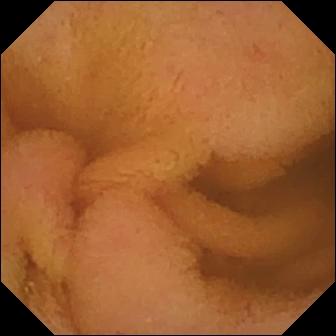This wireless capsule endoscopy view shows normal clean mucosa.